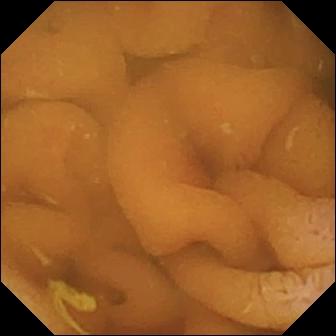This wireless capsule endoscopy snapshot of the small bowel shows normal clean mucosa.